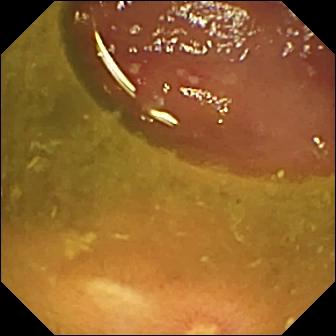Ulcer — WCE snapshot.